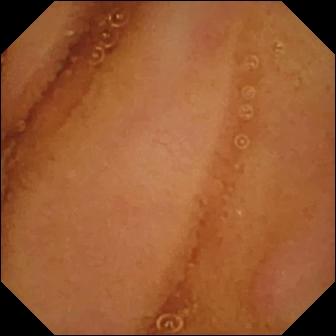VCE. Small intestine. Impression: normal clean mucosa.